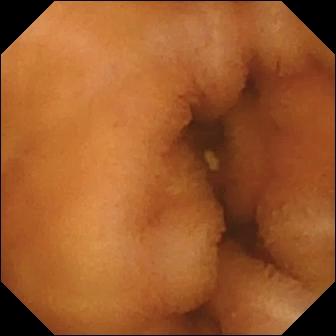VCE. Finding: normal clean mucosa.